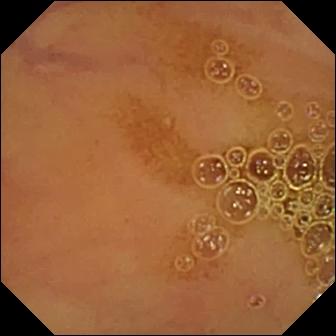Capsule endoscopy image, small intestine
Observation: normal clean mucosa